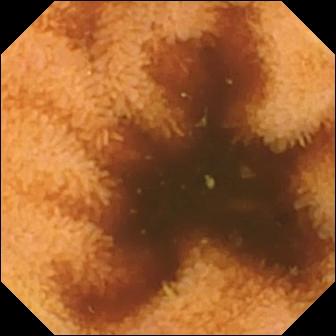{"modality": "capsule endoscopy", "segment": "small intestine", "finding": "normal clean mucosa"}